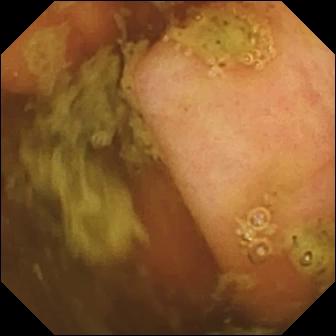{"modality": "VCE", "video_segment": "ileo-cecal valve region"}